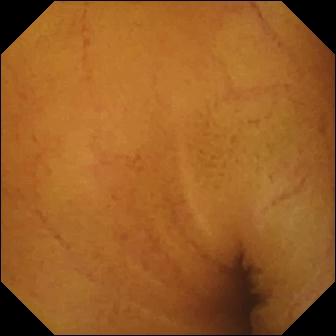This small-bowel capsule endoscopy snapshot shows normal clean mucosa.